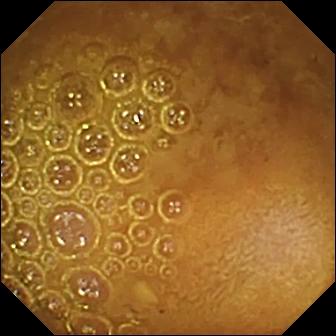modality: capsule endoscopy | segment: small intestine | finding: reduced mucosal view (content or bubbles obscuring the mucosa)